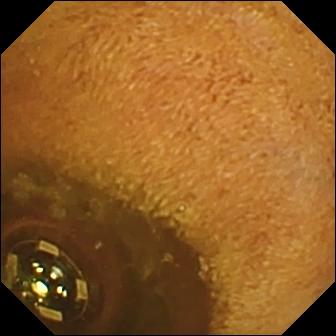Foreign body (e.g. retained capsule, tablet residue) (336×336).